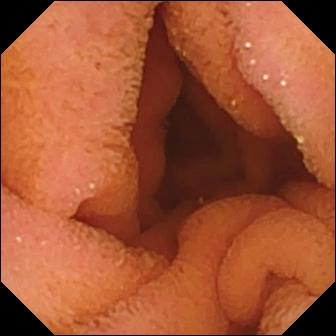Q: What does this WCE view show?
A: Normal clean mucosa.